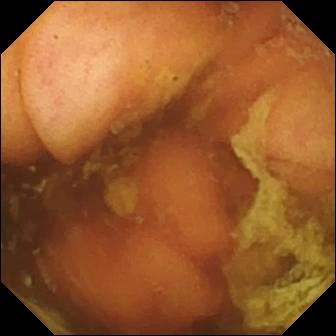Small-bowel capsule endoscopy still. Taken in the ileo-cecal valve region (where the capsule passes from the small bowel into the large bowel).